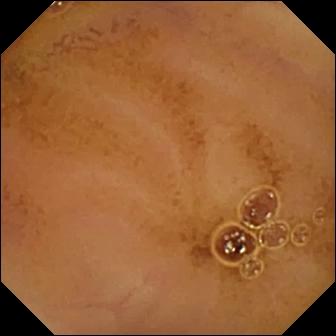Video capsule endoscopy frame (small intestine). Normal clean mucosa.